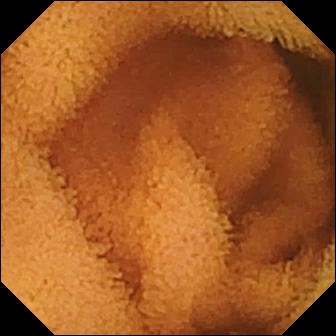WCE view, small intestine
Impression: normal clean mucosa